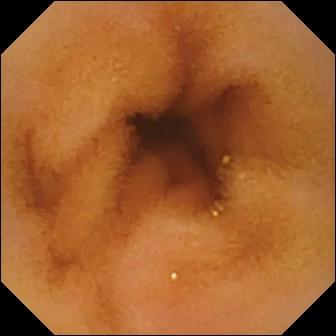Video capsule endoscopy frame of the small bowel showing normal clean mucosa.